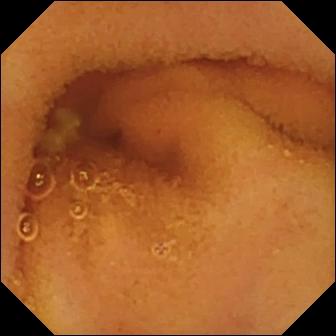- modality: wireless capsule endoscopy
- segment: small bowel
- category: luminal finding
- label: normal clean mucosa